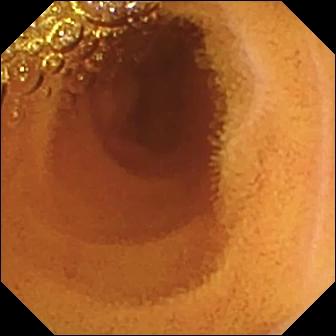{"modality": "small-bowel capsule endoscopy", "segment": "small intestine", "category": "luminal finding", "finding": "normal clean mucosa"}